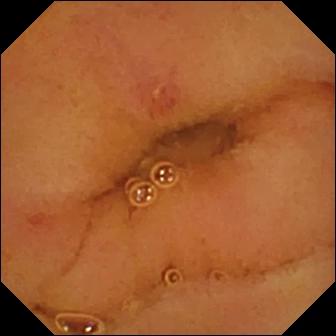Video capsule endoscopy — erosion.